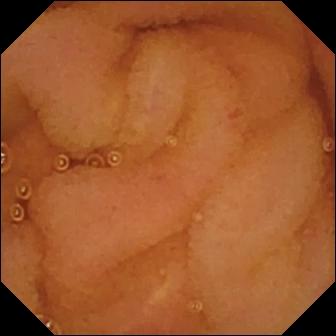PROCEDURE: Small-bowel capsule endoscopy.
SEGMENT: Small bowel.
FINDINGS: Normal clean mucosa.